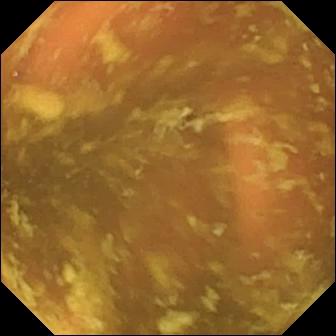{"modality": "video capsule endoscopy", "position": "ileo-cecal valve region"}